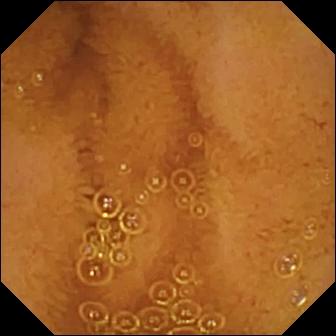Wireless capsule endoscopy image. Normal clean mucosa.